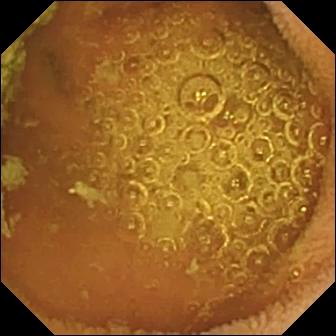modality: VCE; segment: small intestine; finding: normal clean mucosa